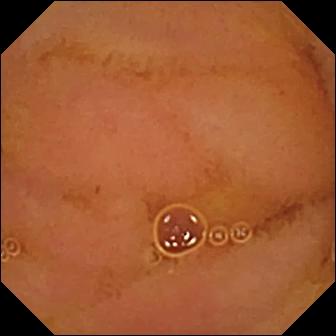Wireless capsule endoscopy frame, small bowel
Observation: normal clean mucosa